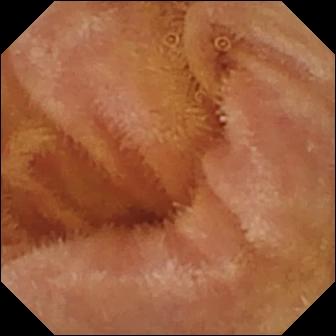Normal clean mucosa.